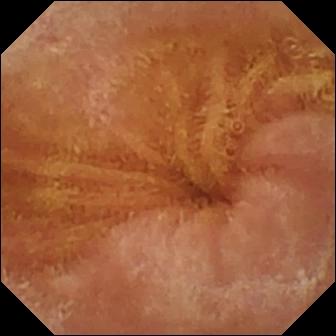PROCEDURE: WCE.
FINDINGS: Normal clean mucosa.